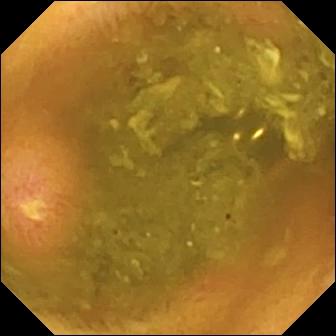{"modality": "VCE", "finding": "ulcer"}